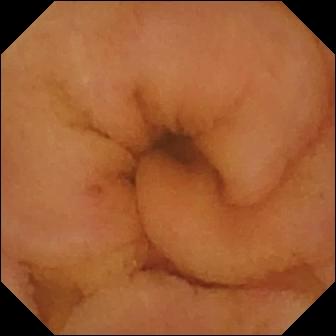Normal clean mucosa — capsule endoscopy snapshot of the small intestine.